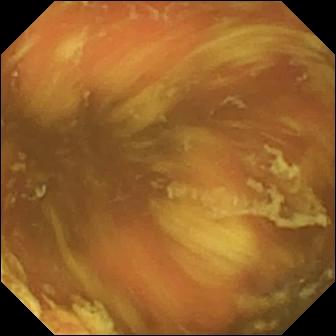Ileo-cecal valve region, 336×336.